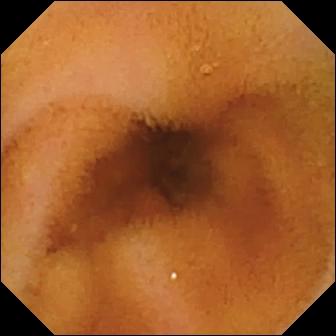This WCE frame shows normal clean mucosa.